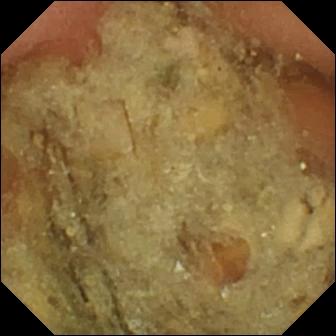Small-bowel capsule endoscopy. Video segment: pylorus region (the junction between the stomach and the small bowel).